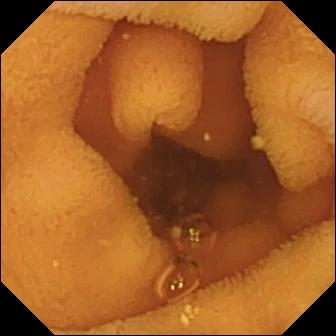Small-bowel capsule endoscopy frame of the small intestine showing normal clean mucosa.